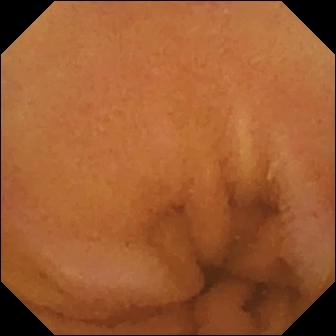Video capsule endoscopy snapshot
Impression: normal clean mucosa